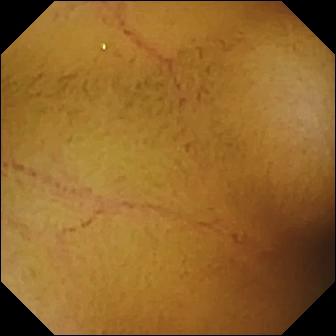Q: What does this wireless capsule endoscopy still show?
A: Normal clean mucosa.